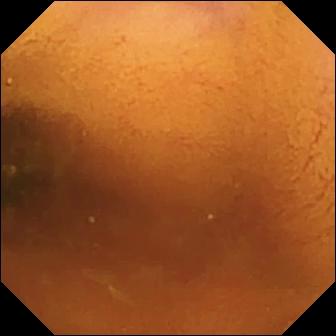VCE — normal clean mucosa.